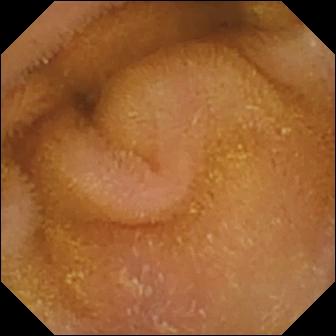Wireless capsule endoscopy — normal clean mucosa.